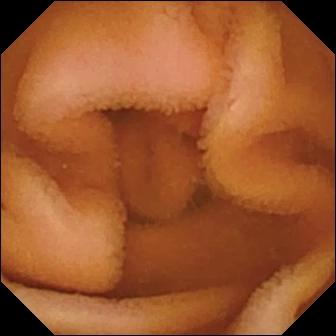modality: VCE; segment: small intestine; observation: normal clean mucosa